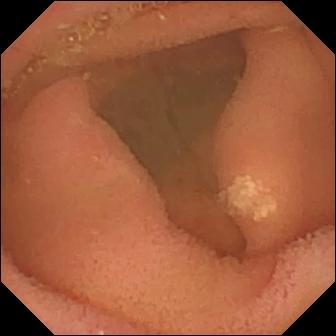Lymphangiectasia (336×336).